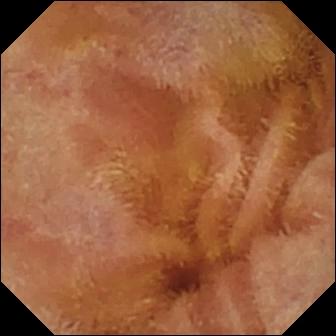- modality: WCE
- impression: normal clean mucosa